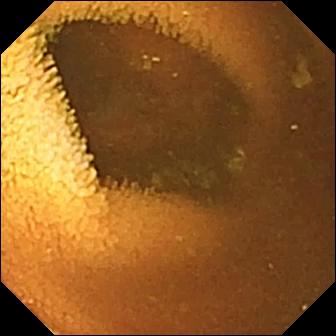Small-bowel capsule endoscopy still (small bowel). Normal clean mucosa.